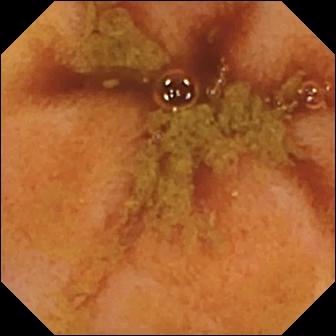modality: capsule endoscopy; category: anatomical landmark; label: ileo-cecal valve region